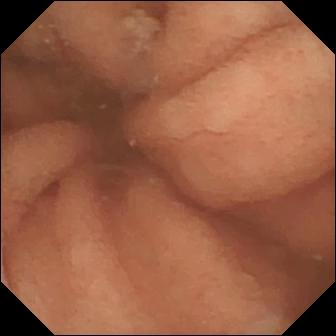Video capsule endoscopy. Observation: normal clean mucosa.